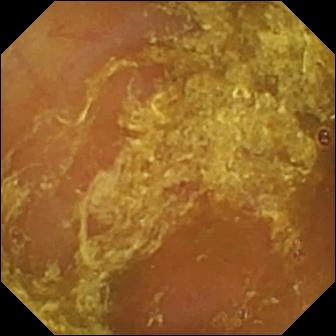PROCEDURE: WCE.
FINDINGS: Reduced mucosal view (content or bubbles obscuring the mucosa).